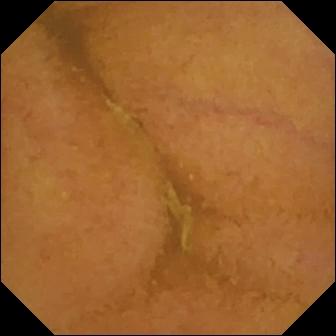Normal clean mucosa.